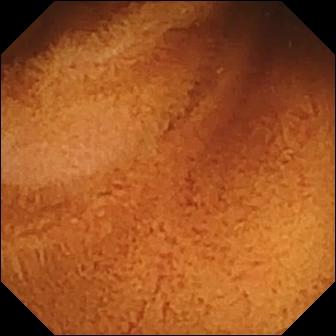{"modality": "wireless capsule endoscopy", "finding": "normal clean mucosa"}